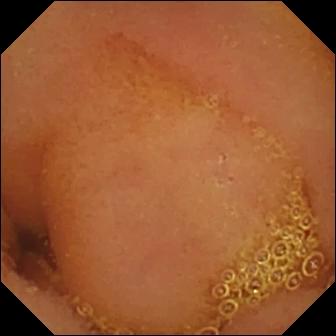{"modality": "wireless capsule endoscopy", "segment": "small intestine", "category": "luminal finding", "finding": "normal clean mucosa"}